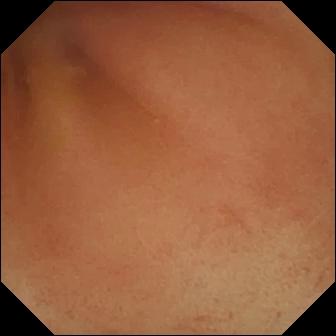Small-bowel capsule endoscopy. Location: pylorus region.